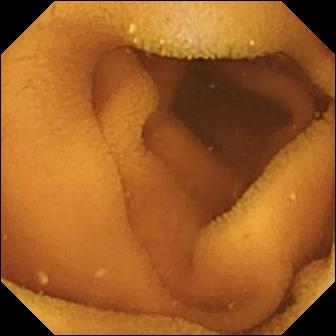PROCEDURE: WCE.
FINDINGS: Normal clean mucosa.